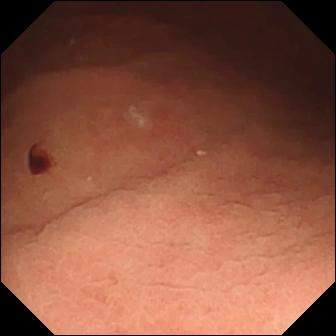VCE. Label: angiectasia.